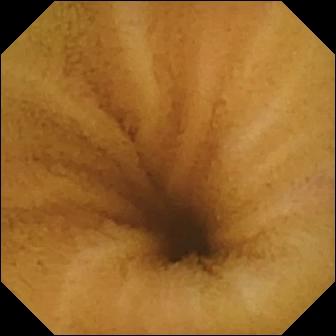VCE — normal clean mucosa.